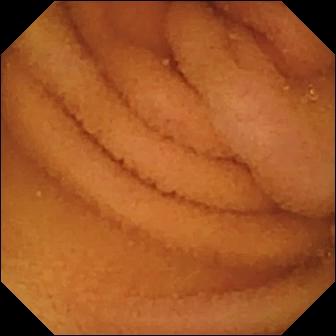Q: What does this wireless capsule endoscopy view of the small bowel show?
A: Normal clean mucosa.